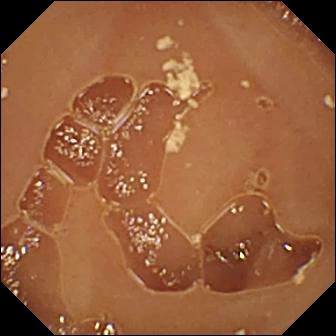Wireless capsule endoscopy frame (small intestine). Normal clean mucosa.